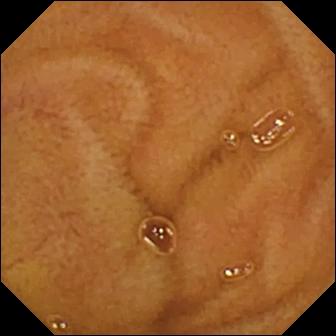Video capsule endoscopy — normal clean mucosa.